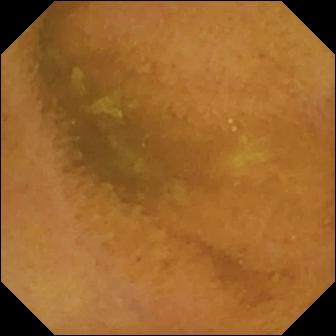{"modality": "video capsule endoscopy", "category": "luminal finding", "finding": "normal clean mucosa"}